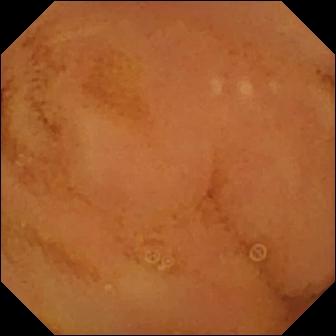Wireless capsule endoscopy frame. Normal clean mucosa.